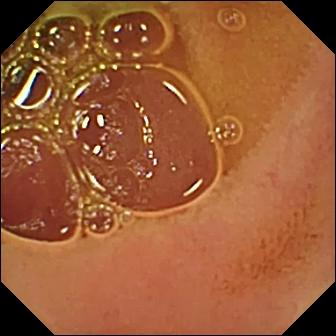Normal clean mucosa.